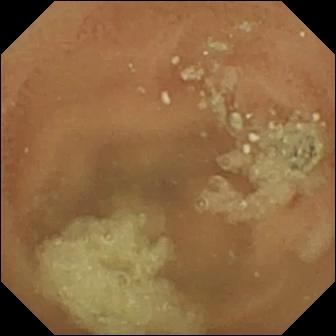modality: video capsule endoscopy
segment: small intestine
label: normal clean mucosa